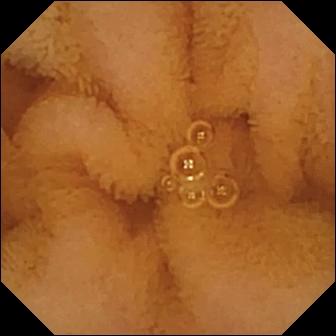PROCEDURE: Small-bowel capsule endoscopy.
SEGMENT: Small bowel.
FINDINGS: Normal clean mucosa.